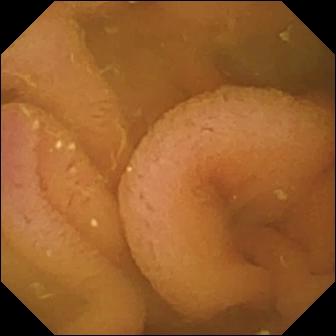VCE — normal clean mucosa.